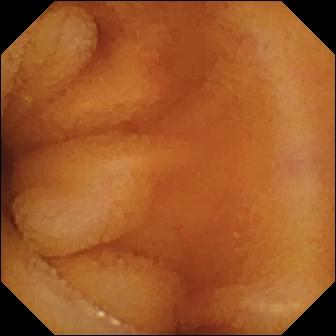{"modality": "small-bowel capsule endoscopy", "category": "luminal finding", "finding": "normal clean mucosa"}